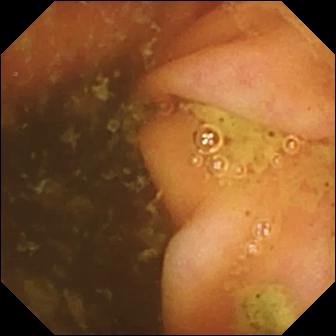This small-bowel capsule endoscopy snapshot was taken in the ileo-cecal valve region.